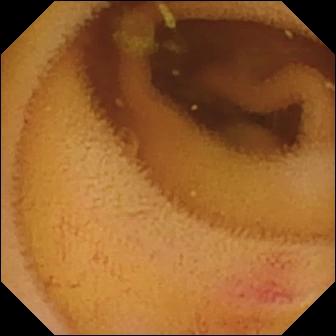modality: VCE | observation: angiectasia